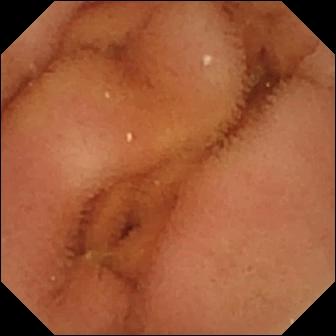modality: video capsule endoscopy | segment: small bowel | category: luminal finding | observation: normal clean mucosa